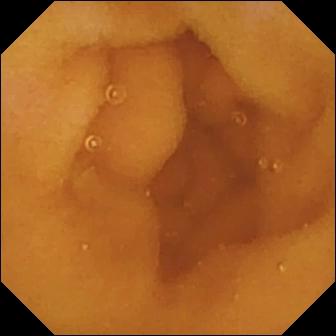Normal clean mucosa — video capsule endoscopy frame.